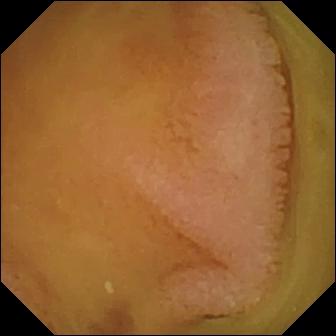This capsule endoscopy image shows normal clean mucosa.